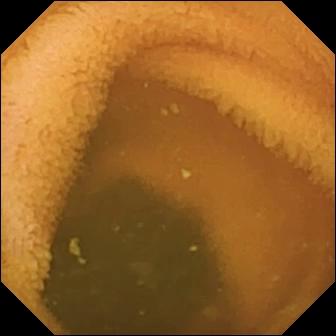WCE — normal clean mucosa.